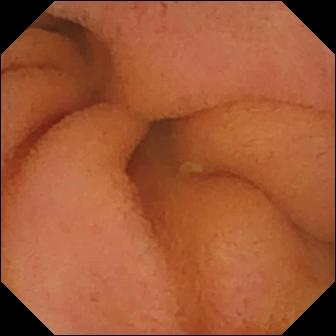Video capsule endoscopy image
Label: normal clean mucosa